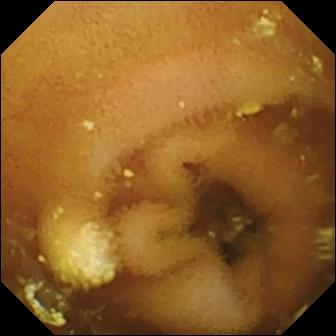modality: WCE
observation: lymphangiectasia